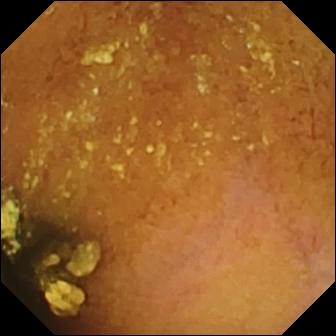Video capsule endoscopy — normal clean mucosa.